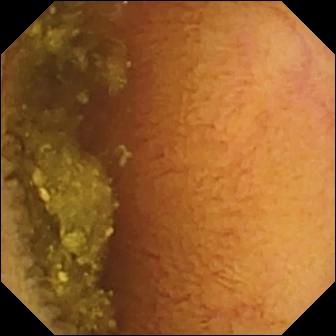Video capsule endoscopy image
Finding: normal clean mucosa